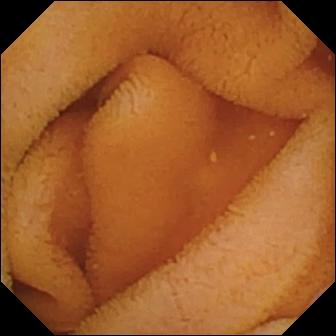Q: What does this WCE snapshot of the small bowel show?
A: Normal clean mucosa.